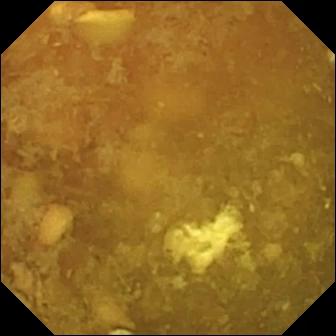Small-bowel capsule endoscopy — reduced mucosal view (content or bubbles obscuring the mucosa).